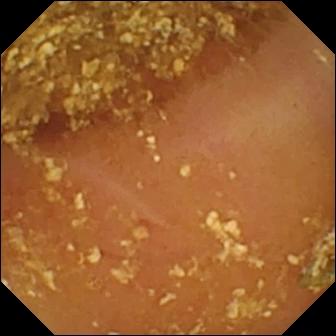Video capsule endoscopy frame showing reduced mucosal view (content or bubbles obscuring the mucosa).